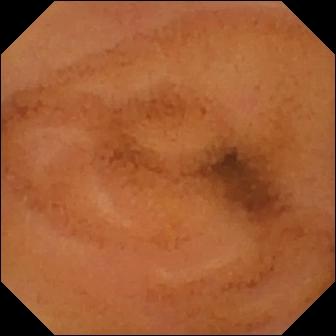{"modality": "capsule endoscopy", "category": "luminal finding", "finding": "normal clean mucosa"}